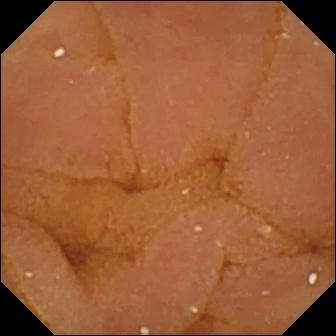Q: What does this wireless capsule endoscopy snapshot show?
A: Normal clean mucosa.